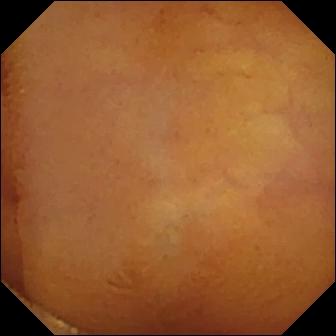Q: What does this VCE still show?
A: Normal clean mucosa.